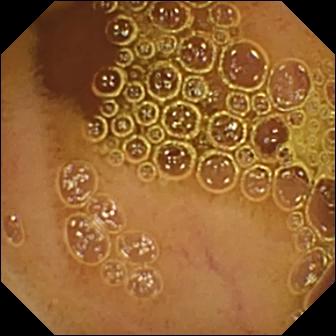Q: What does this capsule endoscopy frame show?
A: Normal clean mucosa.